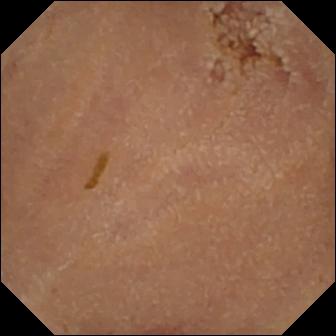VCE snapshot (small bowel). Normal clean mucosa.